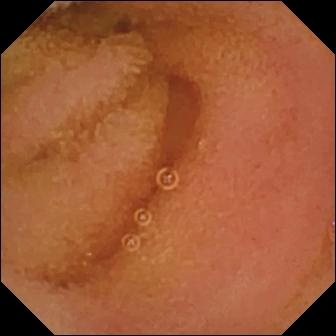Normal clean mucosa (336×336).